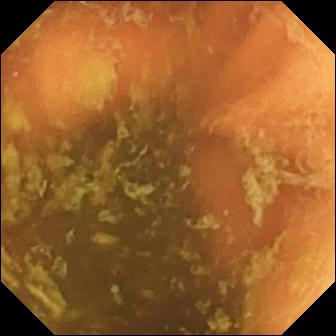PROCEDURE: Small-bowel capsule endoscopy.
LABEL: Ileo-cecal valve region.